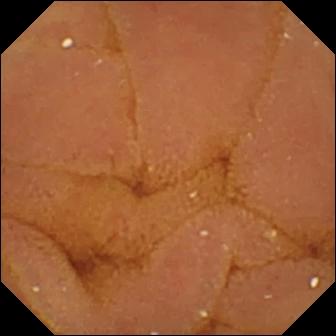Normal clean mucosa — video capsule endoscopy image of the small bowel.